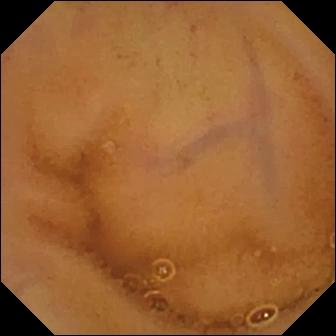Capsule endoscopy snapshot (small bowel). Normal clean mucosa.